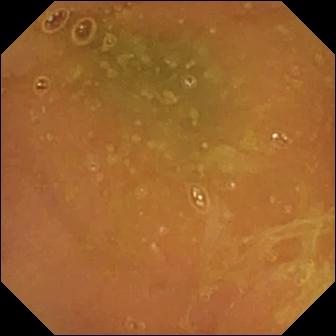- modality: VCE
- segment: small bowel
- label: normal clean mucosa